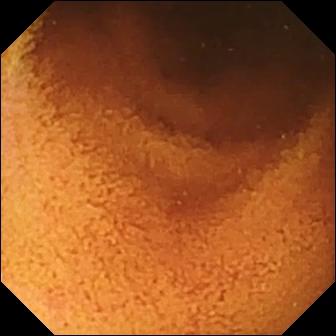Capsule endoscopy — normal clean mucosa.